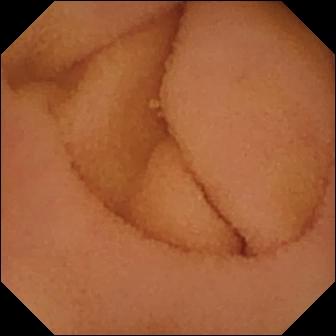Video capsule endoscopy. Finding: normal clean mucosa.